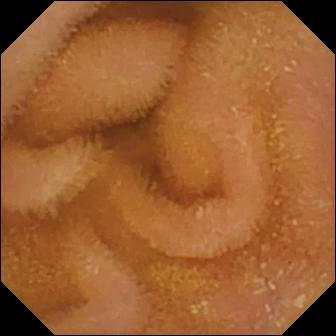modality: VCE; impression: normal clean mucosa